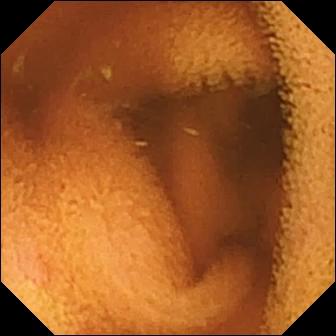modality: WCE | segment: small bowel | finding: normal clean mucosa